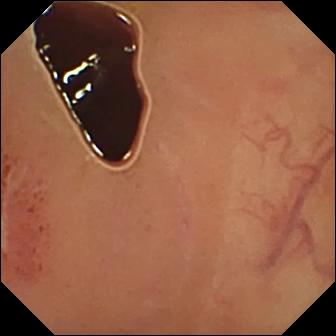Q: What does this WCE view show?
A: Ulcer.